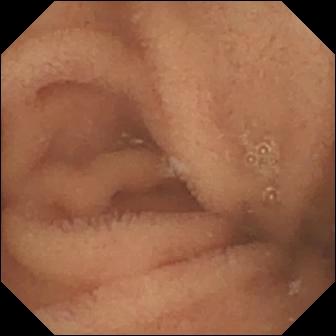This wireless capsule endoscopy still of the small intestine shows normal clean mucosa.